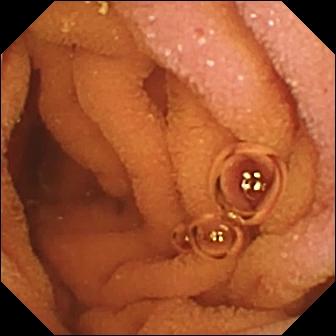Normal clean mucosa.